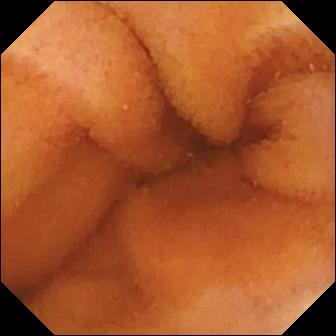Q: What does this video capsule endoscopy frame show?
A: Normal clean mucosa.